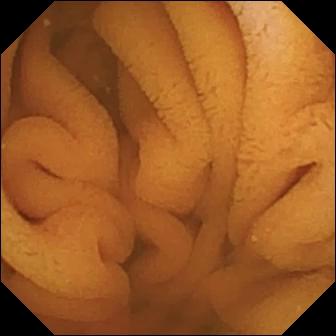modality: wireless capsule endoscopy | observation: normal clean mucosa